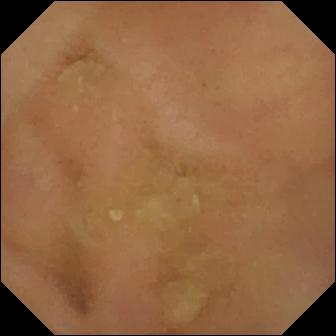VCE — normal clean mucosa.